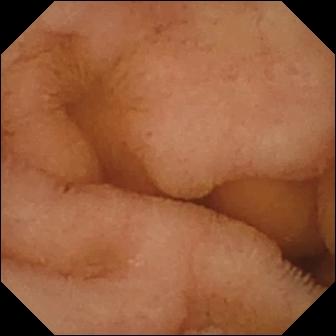Capsule endoscopy frame
Observation: normal clean mucosa